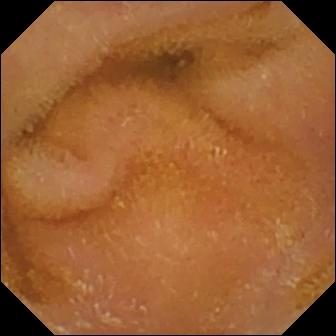Video capsule endoscopy — normal clean mucosa.